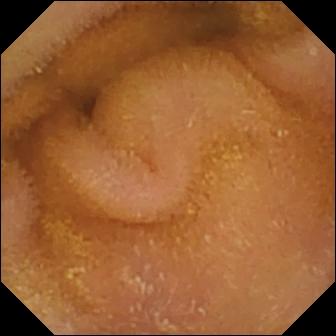This capsule endoscopy snapshot shows normal clean mucosa.